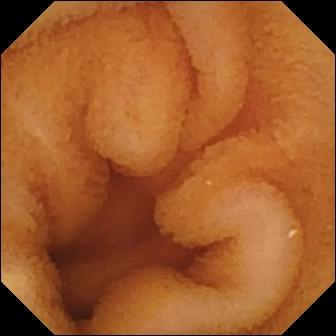WCE — normal clean mucosa.